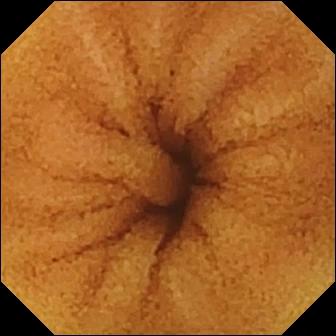- modality: small-bowel capsule endoscopy
- segment: small bowel
- impression: normal clean mucosa